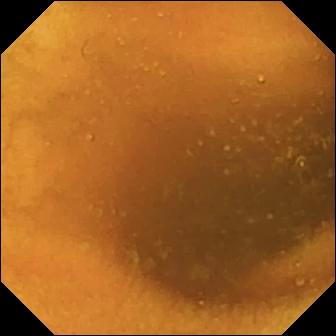modality: VCE; finding: normal clean mucosa